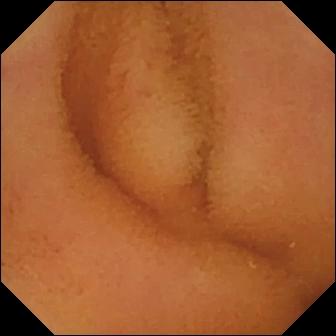Normal clean mucosa.